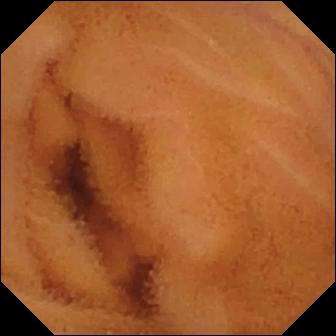- modality: small-bowel capsule endoscopy
- finding: normal clean mucosa